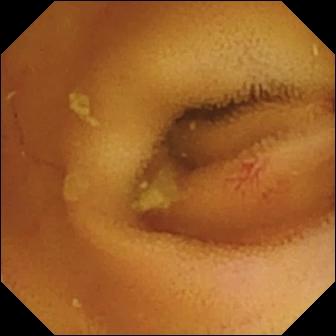modality: small-bowel capsule endoscopy; finding: angiectasia